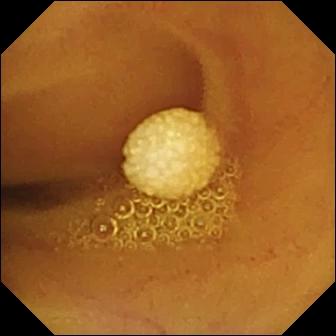PROCEDURE: Video capsule endoscopy.
FINDINGS: Lymphangiectasia.